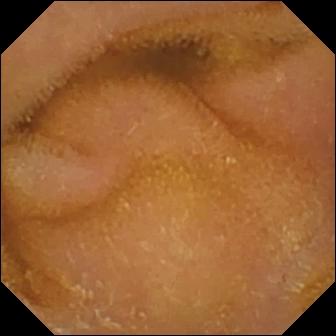Wireless capsule endoscopy image
Label: normal clean mucosa